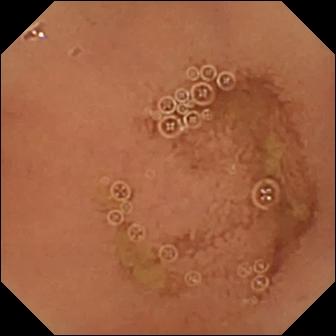- modality: small-bowel capsule endoscopy
- category: luminal finding
- label: normal clean mucosa